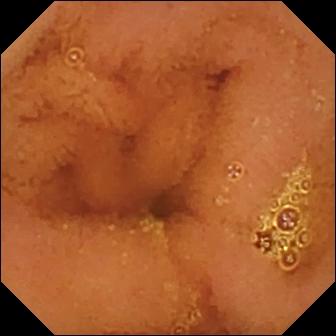Capsule endoscopy. Impression: normal clean mucosa.